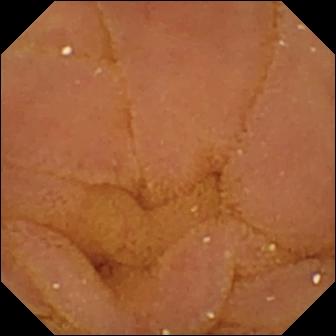VCE still showing normal clean mucosa.